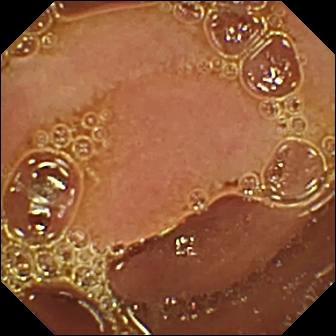- modality: VCE
- category: luminal finding
- label: normal clean mucosa